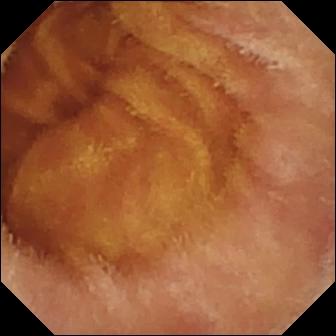Video capsule endoscopy snapshot, small intestine
Impression: normal clean mucosa